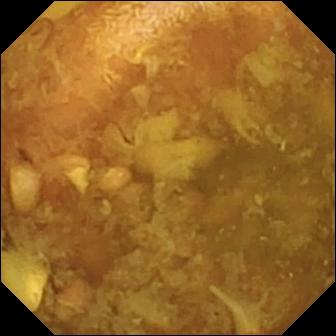VCE image, 336×336. Reduced mucosal view (content or bubbles obscuring the mucosa).